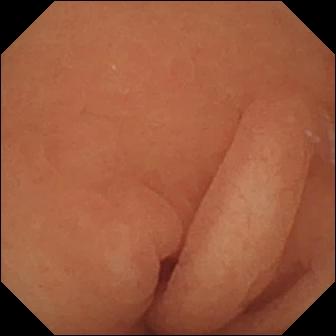- modality: VCE
- observation: normal clean mucosa